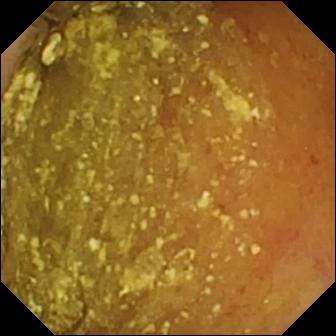Q: What does this video capsule endoscopy still of the small intestine show?
A: Normal clean mucosa.